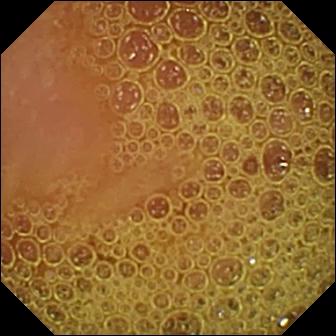{"modality": "video capsule endoscopy", "finding": "normal clean mucosa"}